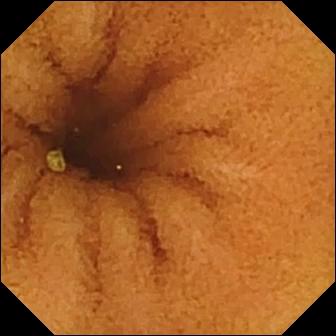This capsule endoscopy frame shows normal clean mucosa.